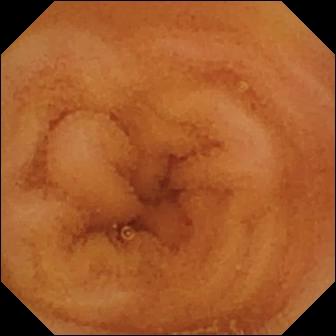Normal clean mucosa — capsule endoscopy image.